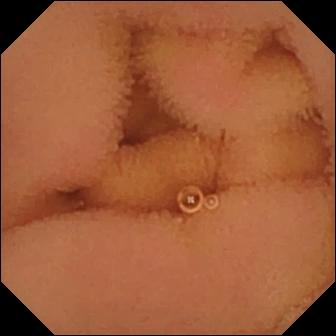modality: VCE
segment: small intestine
finding: normal clean mucosa